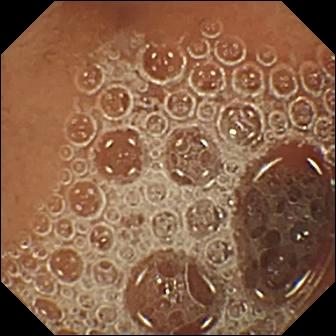WCE view
Impression: normal clean mucosa